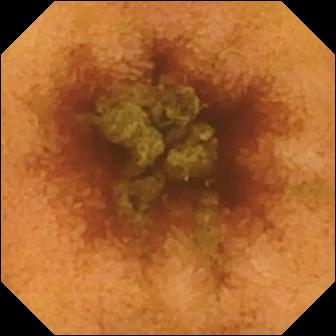PROCEDURE: Small-bowel capsule endoscopy.
SEGMENT: Small bowel.
FINDINGS: Normal clean mucosa.